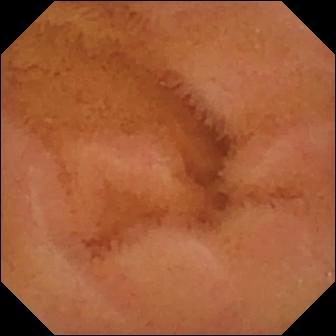WCE image showing normal clean mucosa.